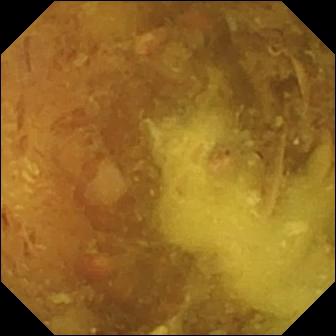Capsule endoscopy view. Reduced mucosal view (content or bubbles obscuring the mucosa).